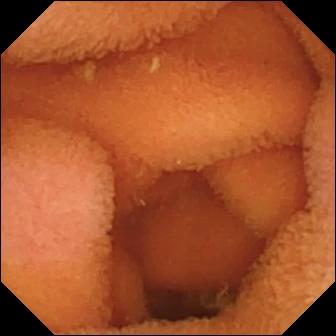This VCE frame shows normal clean mucosa.